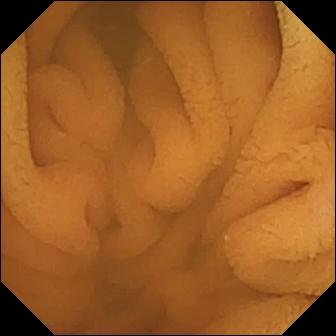Wireless capsule endoscopy. Small bowel. Label: normal clean mucosa.